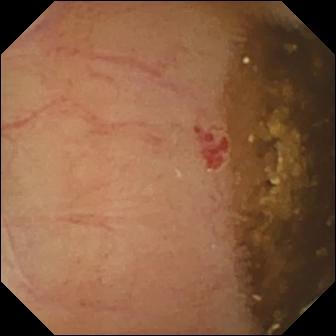Angiectasia (336×336).